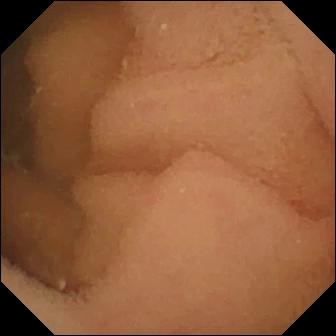PROCEDURE: Small-bowel capsule endoscopy.
SEGMENT: Small intestine.
FINDINGS: Normal clean mucosa.